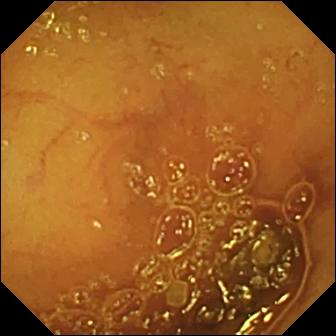Normal clean mucosa.